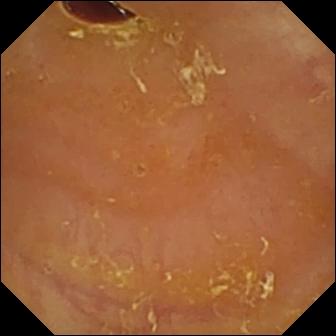- modality: video capsule endoscopy
- segment: small bowel
- observation: reduced mucosal view (content or bubbles obscuring the mucosa)